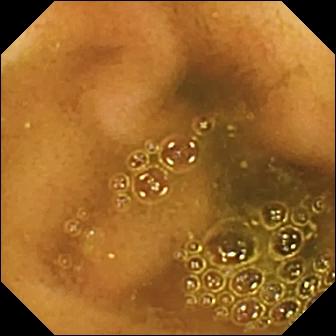Capsule endoscopy frame
Video segment: ileo-cecal valve region (the transition from the small bowel to the large bowel)